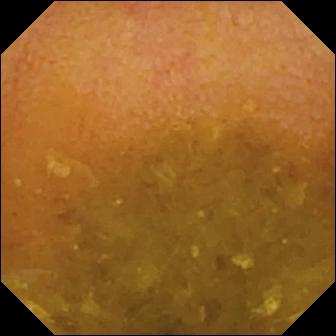Small-bowel capsule endoscopy image (small intestine), 336×336. Reduced mucosal view (content or bubbles obscuring the mucosa).